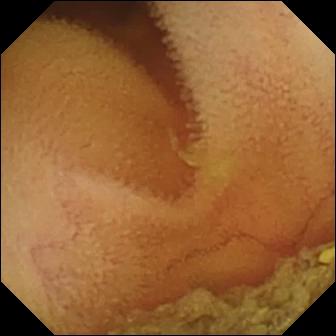Small-bowel capsule endoscopy — normal clean mucosa.